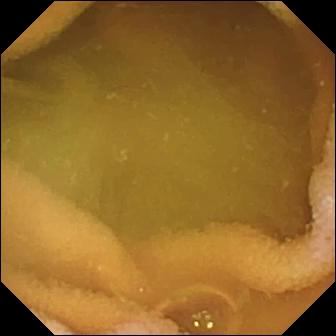Normal clean mucosa.